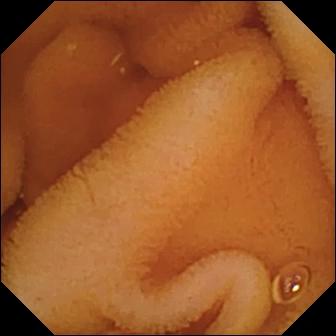modality: video capsule endoscopy
segment: small intestine
impression: normal clean mucosa